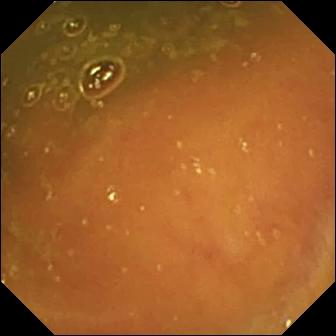This capsule endoscopy still was taken in the ileo-cecal valve region.